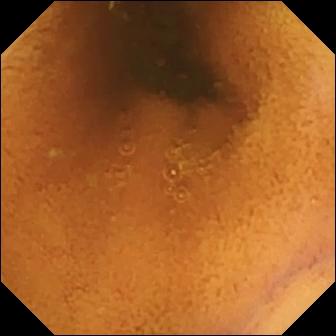Normal clean mucosa.